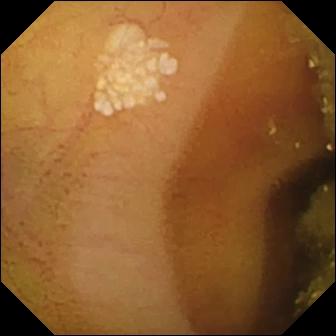Capsule endoscopy. Luminal finding. Finding: lymphangiectasia.